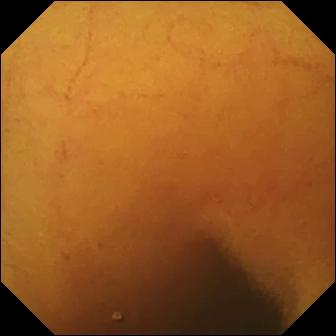This video capsule endoscopy image shows normal clean mucosa.